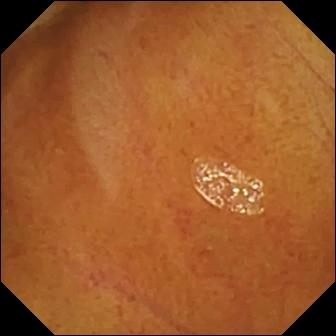Normal clean mucosa (336×336).